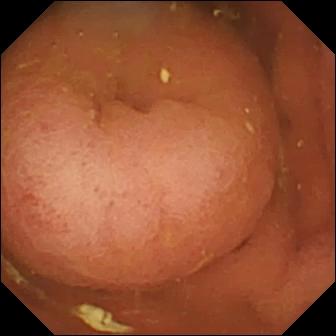Wireless capsule endoscopy. Video segment: pylorus region (the junction between the stomach and the small bowel).